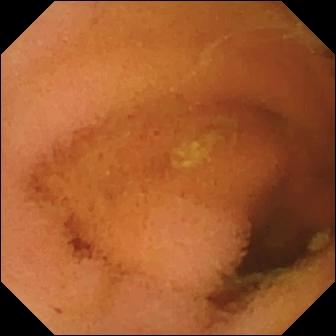This WCE frame of the small bowel shows normal clean mucosa.